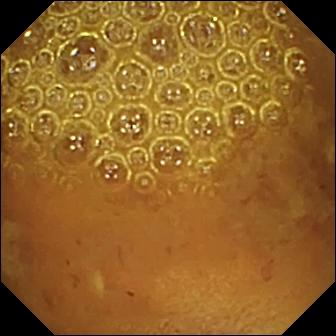Small-bowel capsule endoscopy. Small intestine. Impression: reduced mucosal view (content or bubbles obscuring the mucosa).